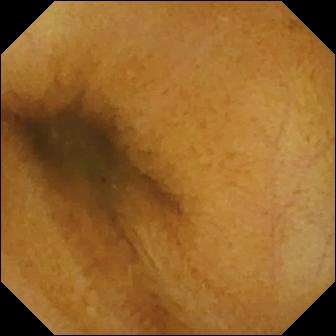- modality: wireless capsule endoscopy
- category: luminal finding
- finding: normal clean mucosa